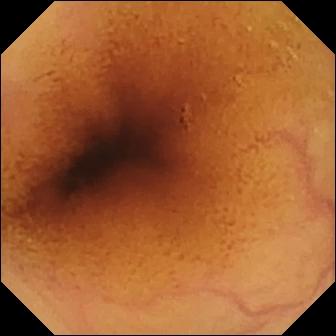PROCEDURE: Video capsule endoscopy.
FINDINGS: Normal clean mucosa.